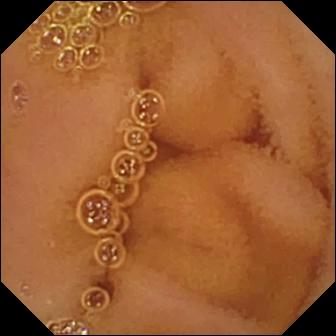Normal clean mucosa.